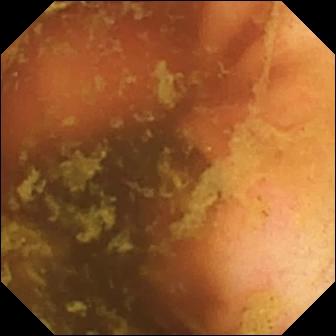VCE still
Video segment: ileo-cecal valve region